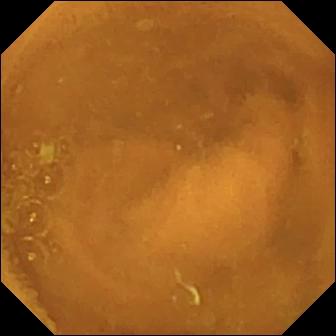{"modality": "WCE", "finding": "normal clean mucosa"}